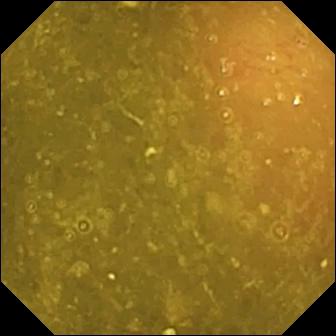Small-bowel capsule endoscopy still taken in the ileo-cecal valve region (the transition from the small bowel to the large bowel).